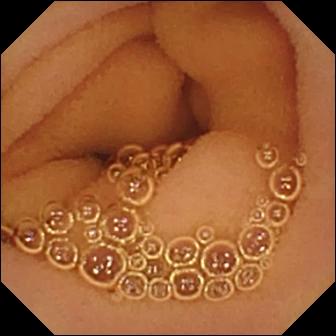PROCEDURE: VCE.
FINDINGS: Normal clean mucosa.